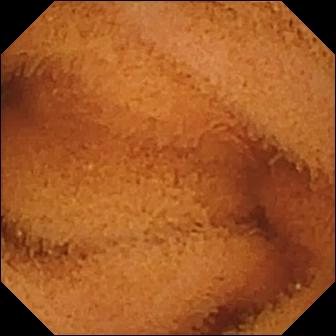Q: What does this capsule endoscopy image of the small bowel show?
A: Normal clean mucosa.